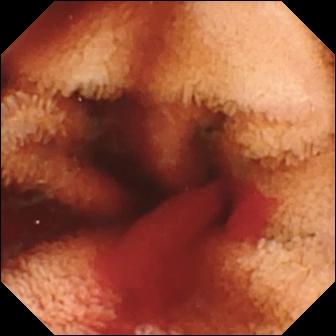Wireless capsule endoscopy still, 336×336. Fresh blood in the lumen.